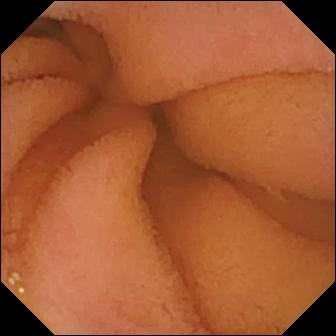Wireless capsule endoscopy image, small intestine
Impression: normal clean mucosa